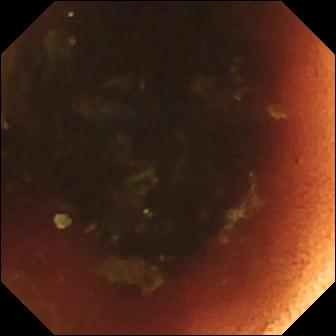Capsule endoscopy still. Taken in the ileo-cecal valve region (the transition from the small bowel to the large bowel).